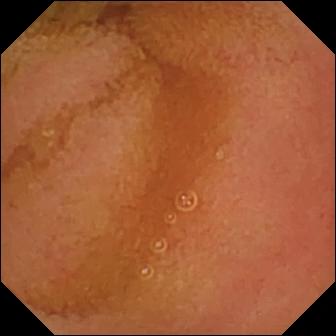Wireless capsule endoscopy. Small intestine. Label: normal clean mucosa.